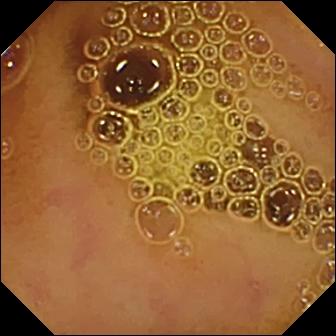Small-bowel capsule endoscopy — normal clean mucosa.